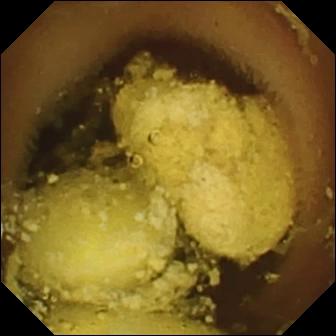Capsule endoscopy. Luminal finding. Impression: foreign body (e.g. retained capsule, tablet residue).